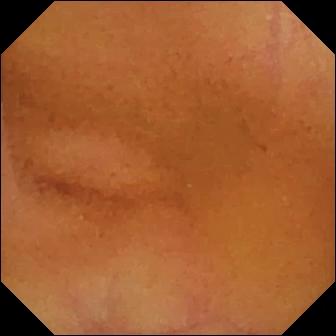Normal clean mucosa (336×336).